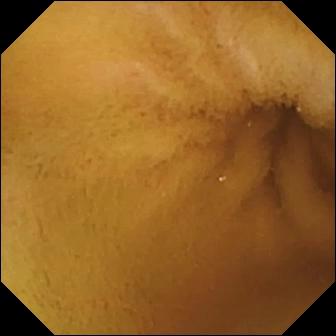modality: small-bowel capsule endoscopy; category: luminal finding; observation: normal clean mucosa